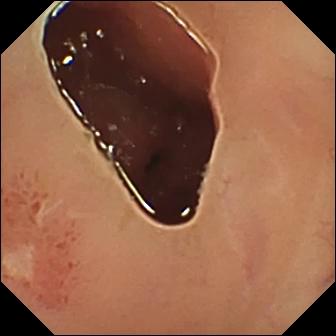Wireless capsule endoscopy — ulcer.